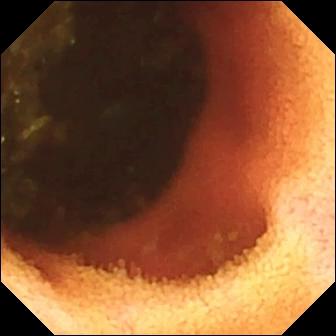PROCEDURE: WCE.
LABEL: Ileo-cecal valve region.